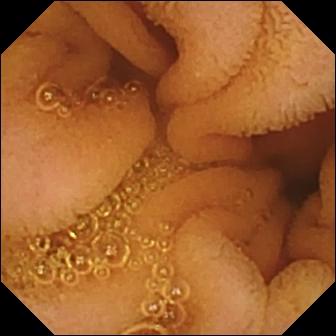Small-bowel capsule endoscopy snapshot of the small bowel showing normal clean mucosa.